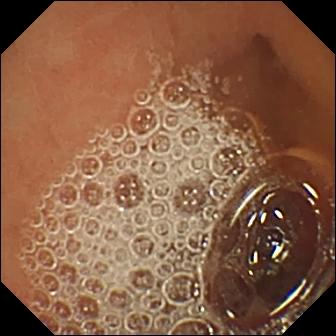modality: capsule endoscopy | label: normal clean mucosa